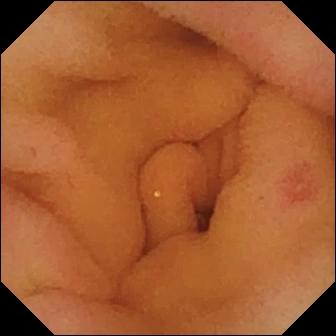This video capsule endoscopy snapshot shows erosion.